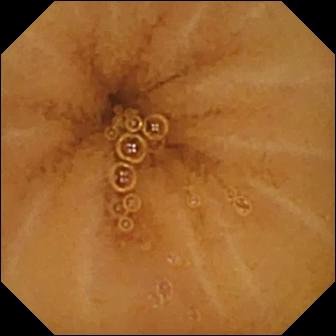Capsule endoscopy view of the small intestine showing normal clean mucosa.